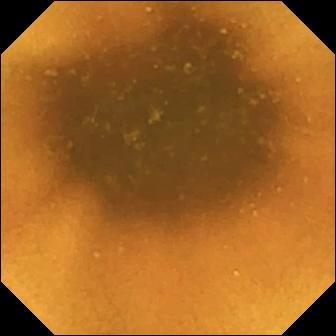Small-bowel capsule endoscopy — normal clean mucosa.